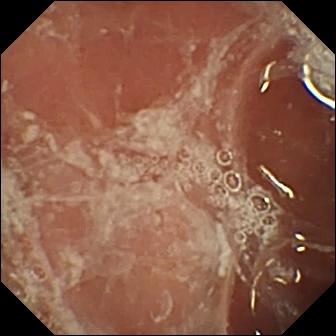Wireless capsule endoscopy image taken in the pylorus region.